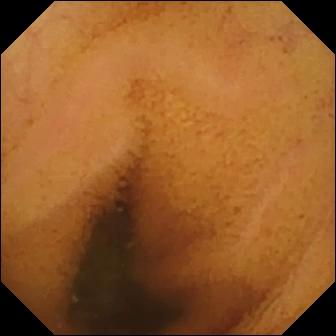Small-bowel capsule endoscopy view, small intestine
Finding: normal clean mucosa